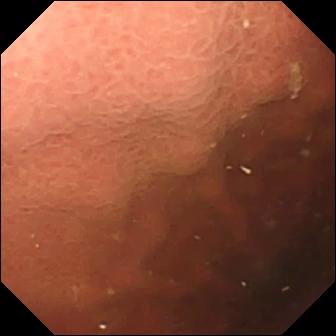PROCEDURE: Small-bowel capsule endoscopy.
VIDEO SEGMENT: Pylorus region (where the capsule passes from the stomach into the small bowel).